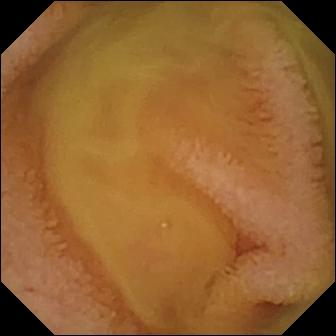Normal clean mucosa.